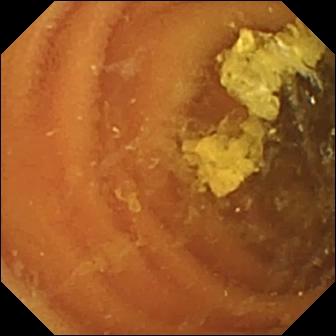This video capsule endoscopy frame of the small intestine shows normal clean mucosa.